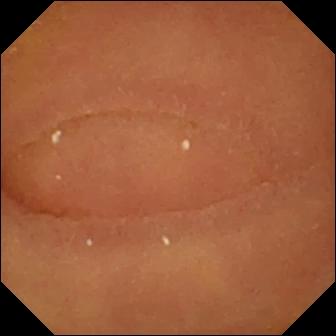PROCEDURE: Capsule endoscopy.
SEGMENT: Small intestine.
FINDINGS: Normal clean mucosa.